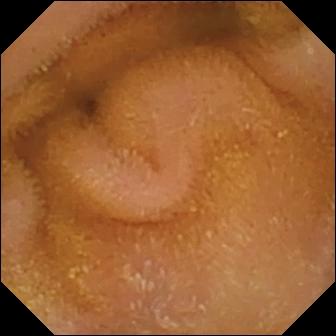- modality: capsule endoscopy
- segment: small intestine
- category: luminal finding
- impression: normal clean mucosa